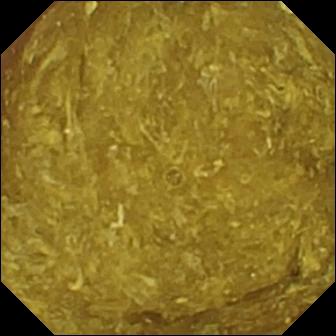{"modality": "capsule endoscopy", "segment": "small bowel", "category": "luminal finding", "finding": "reduced mucosal view (content or bubbles obscuring the mucosa)"}